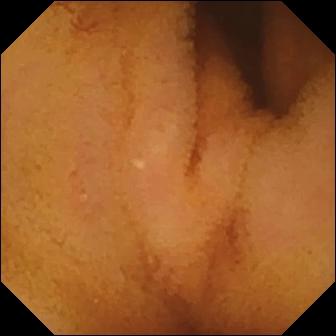- modality: small-bowel capsule endoscopy
- segment: small intestine
- label: normal clean mucosa